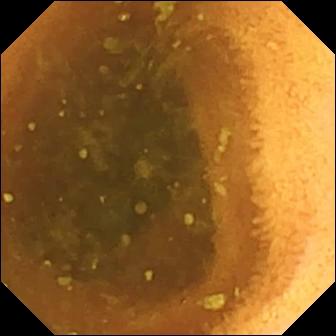Video capsule endoscopy. Small intestine. Impression: normal clean mucosa.